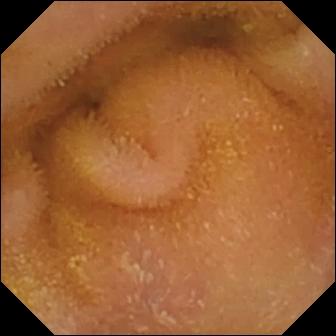PROCEDURE: Wireless capsule endoscopy.
FINDINGS: Normal clean mucosa.